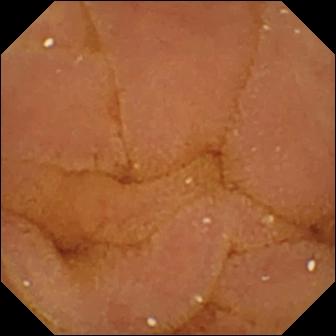Wireless capsule endoscopy still, small bowel
Impression: normal clean mucosa